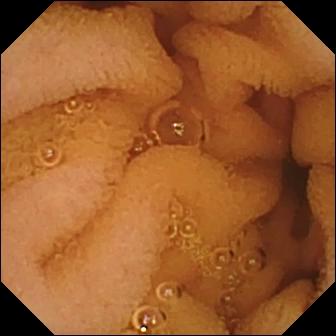Small-bowel capsule endoscopy — normal clean mucosa.